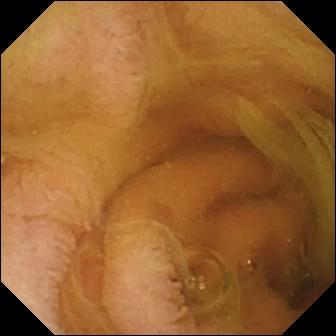This capsule endoscopy image shows normal clean mucosa.